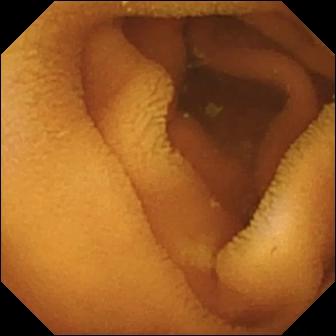modality: WCE; segment: small intestine; observation: normal clean mucosa